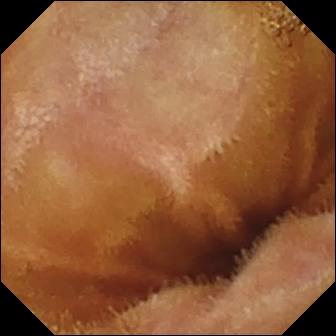Video capsule endoscopy — normal clean mucosa.